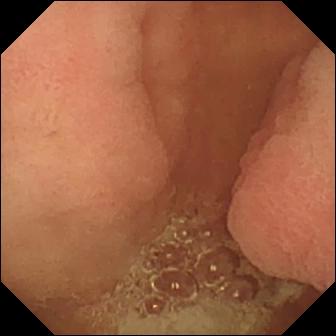WCE snapshot taken in the pylorus region (where the capsule passes from the stomach into the small bowel).